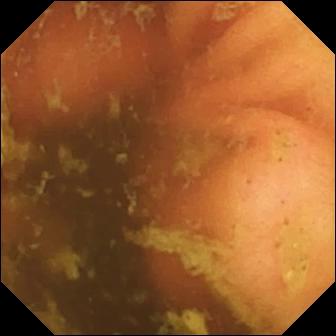modality: video capsule endoscopy
video segment: ileo-cecal valve region (the transition from the small bowel to the large bowel)